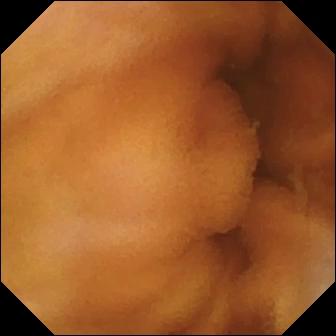modality: VCE | segment: small bowel | finding: normal clean mucosa